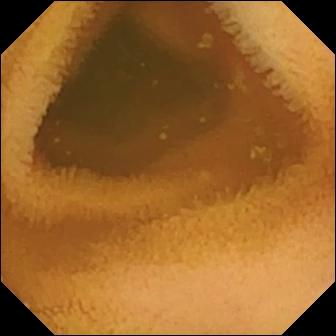Normal clean mucosa (336×336).